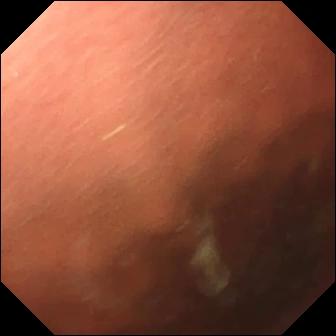PROCEDURE: Small-bowel capsule endoscopy.
POSITION: Pylorus region (the junction between the stomach and the small bowel).